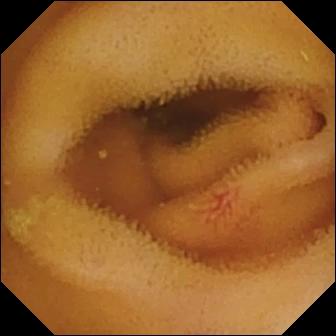Angiectasia.